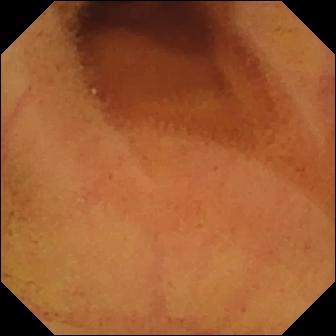Normal clean mucosa.